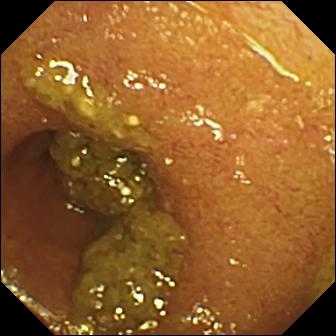modality: small-bowel capsule endoscopy | position: ileo-cecal valve region